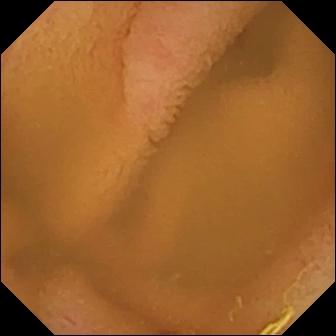Normal clean mucosa — wireless capsule endoscopy image of the small bowel.